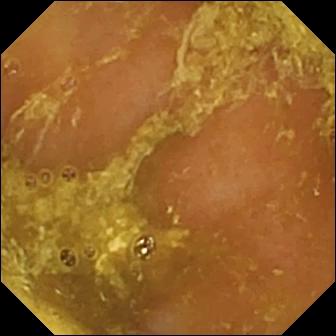This capsule endoscopy snapshot of the small intestine shows reduced mucosal view (content or bubbles obscuring the mucosa).